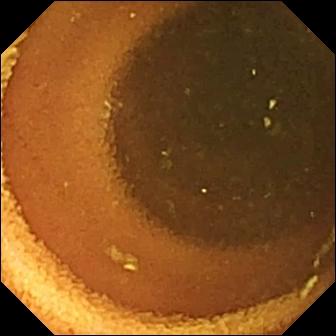WCE frame, 336×336. Normal clean mucosa.